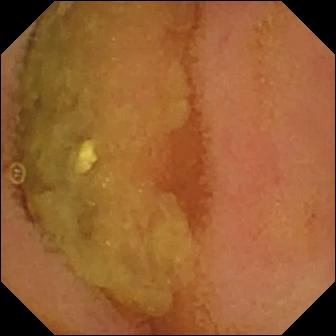Normal clean mucosa — wireless capsule endoscopy still of the small intestine.